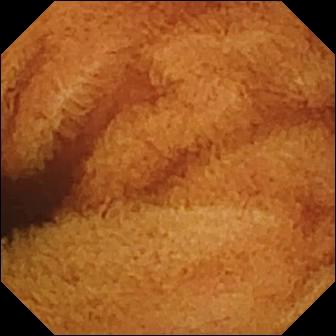{"modality": "wireless capsule endoscopy", "segment": "small intestine", "finding": "normal clean mucosa"}